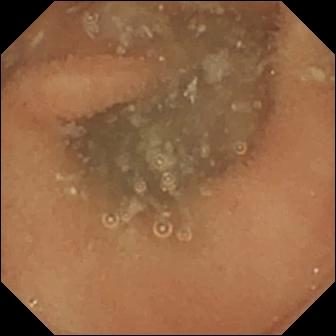- modality: video capsule endoscopy
- category: luminal finding
- observation: normal clean mucosa